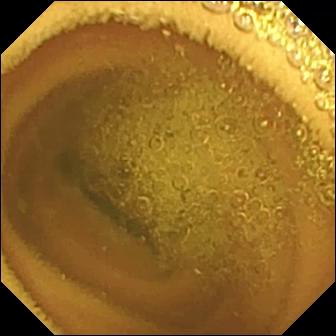Small-bowel capsule endoscopy frame
Label: normal clean mucosa